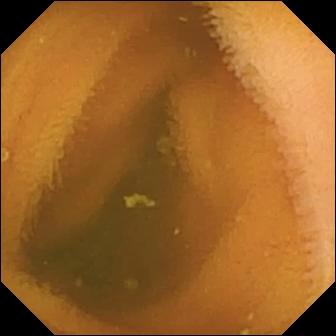Normal clean mucosa — WCE snapshot of the small bowel.